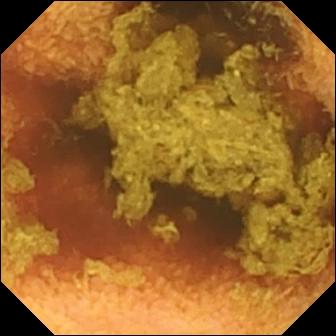- modality: wireless capsule endoscopy
- segment: small bowel
- category: luminal finding
- label: normal clean mucosa